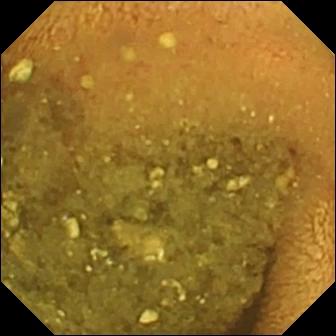modality: capsule endoscopy | segment: small bowel | observation: reduced mucosal view (content or bubbles obscuring the mucosa)